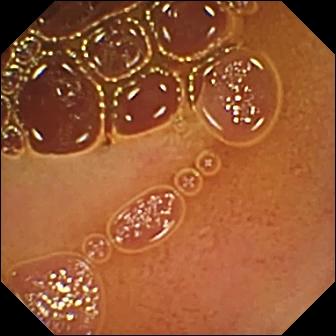Normal clean mucosa.